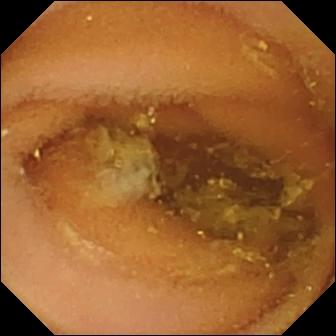- modality: wireless capsule endoscopy
- segment: small intestine
- impression: normal clean mucosa